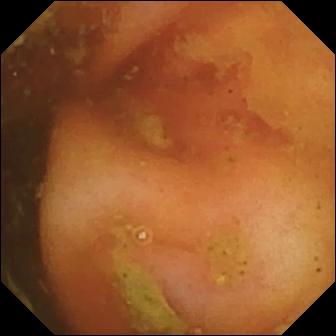- modality: VCE
- label: ileo-cecal valve region (where the capsule passes from the small bowel into the large bowel)